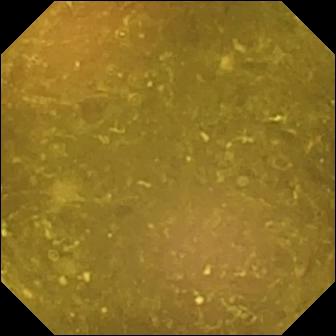Video capsule endoscopy snapshot showing reduced mucosal view (content or bubbles obscuring the mucosa).